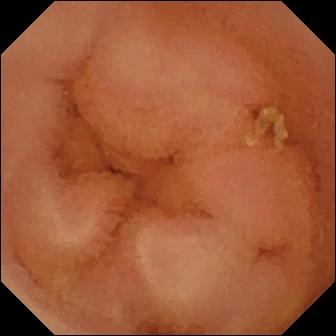{"modality": "small-bowel capsule endoscopy", "finding": "normal clean mucosa"}